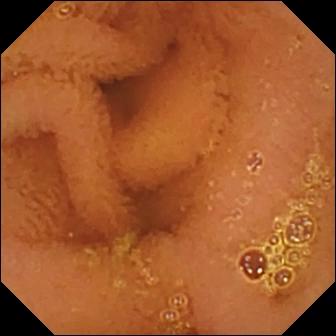{"modality": "small-bowel capsule endoscopy", "finding": "normal clean mucosa"}